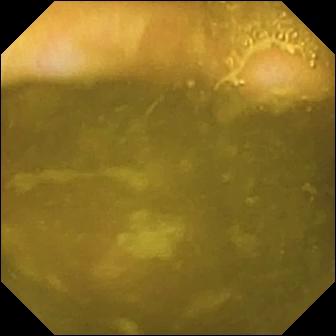Q: Where in the digestive tract was this wireless capsule endoscopy view taken?
A: Ileo-cecal valve region (the transition from the small bowel to the large bowel).